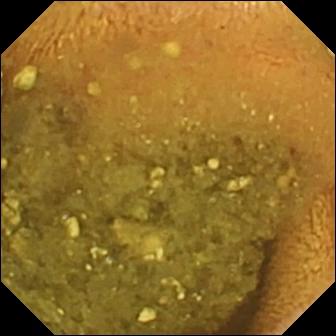PROCEDURE: Small-bowel capsule endoscopy.
FINDINGS: Reduced mucosal view (content or bubbles obscuring the mucosa).